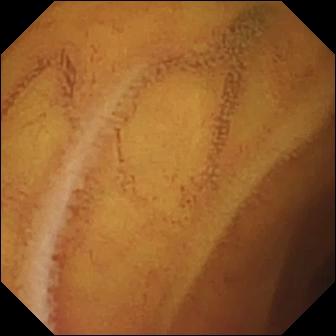Normal clean mucosa.